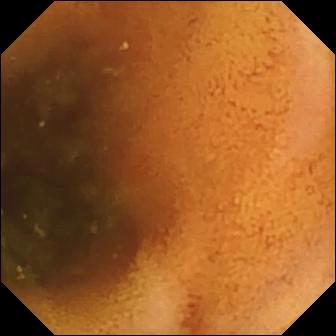{"modality": "video capsule endoscopy", "segment": "small intestine", "category": "luminal finding", "finding": "normal clean mucosa"}